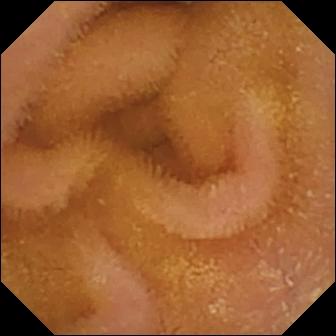- modality: capsule endoscopy
- observation: normal clean mucosa